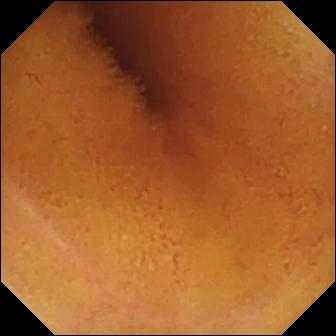PROCEDURE: WCE.
FINDINGS: Normal clean mucosa.